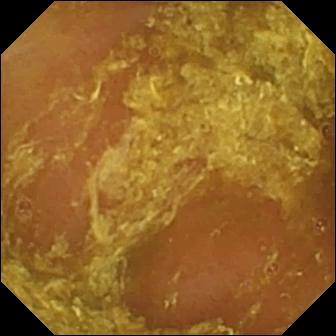PROCEDURE: WCE.
SEGMENT: Small intestine.
FINDINGS: Reduced mucosal view (content or bubbles obscuring the mucosa).